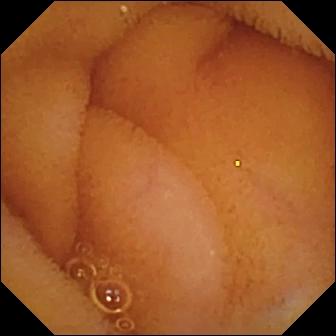Wireless capsule endoscopy frame (small intestine). Normal clean mucosa.